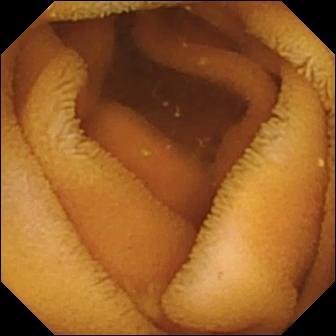{"modality": "VCE", "category": "luminal finding", "finding": "normal clean mucosa"}